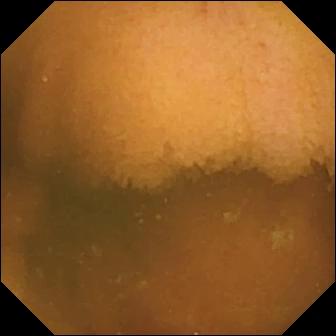PROCEDURE: Capsule endoscopy.
SEGMENT: Small intestine.
FINDINGS: Normal clean mucosa.